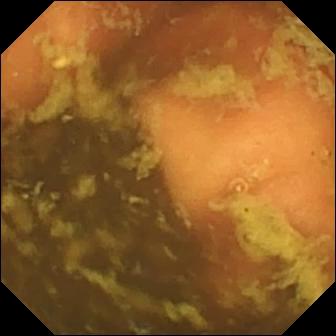Capsule endoscopy view. Taken in the ileo-cecal valve region (where the capsule passes from the small bowel into the large bowel).